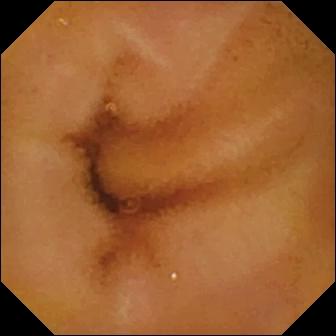{"modality": "video capsule endoscopy", "category": "luminal finding", "finding": "normal clean mucosa"}